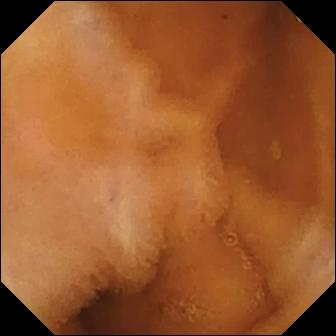This capsule endoscopy frame shows normal clean mucosa.